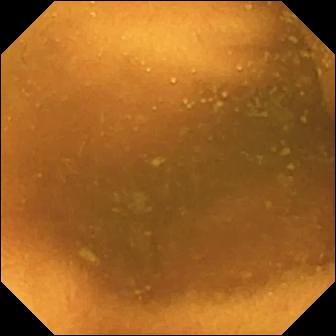Q: What does this small-bowel capsule endoscopy view of the small intestine show?
A: Normal clean mucosa.